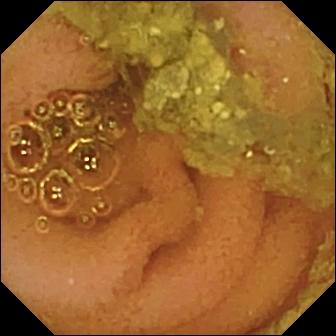Video capsule endoscopy frame showing normal clean mucosa.